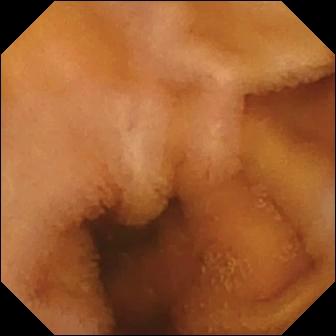PROCEDURE: Capsule endoscopy.
FINDINGS: Normal clean mucosa.